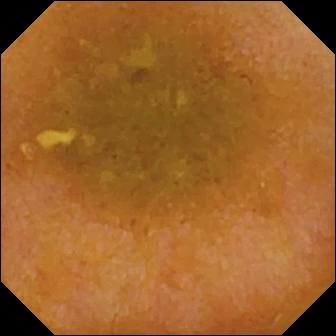WCE — reduced mucosal view (content or bubbles obscuring the mucosa).